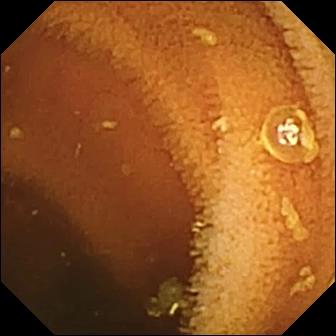WCE view showing normal clean mucosa.